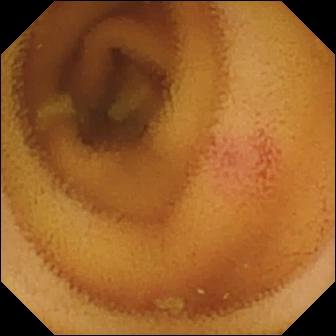Video capsule endoscopy image, 336×336. Angiectasia.